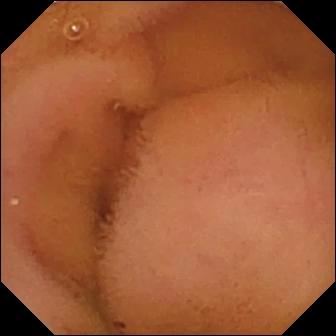{"modality": "wireless capsule endoscopy", "finding": "normal clean mucosa"}